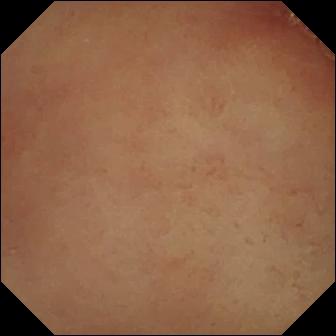modality: capsule endoscopy | position: pylorus region